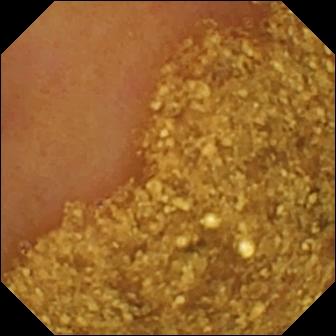- modality: video capsule endoscopy
- label: ileo-cecal valve region (the transition from the small bowel to the large bowel)